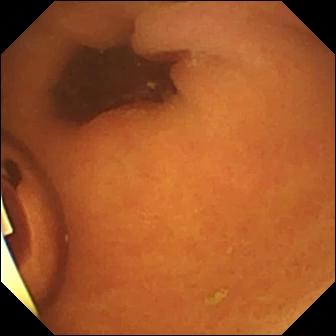WCE frame. Foreign body (e.g. retained capsule, tablet residue).